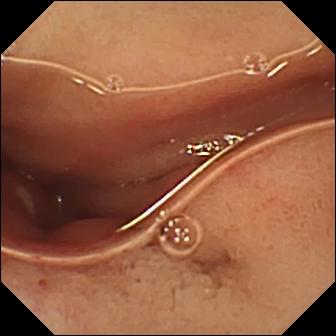Capsule endoscopy — ulcer.